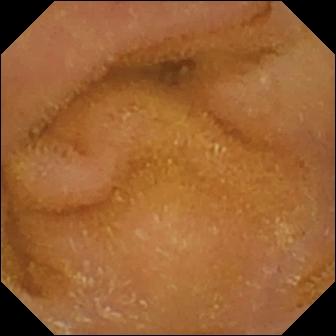- modality: small-bowel capsule endoscopy
- label: normal clean mucosa